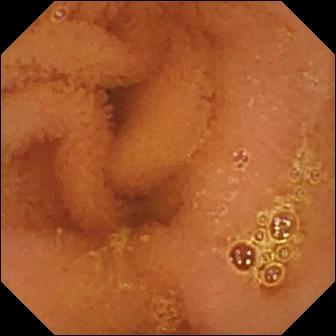This small-bowel capsule endoscopy snapshot of the small intestine shows normal clean mucosa.